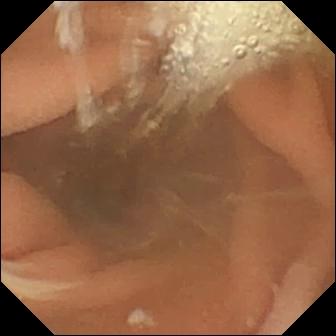Small-bowel capsule endoscopy snapshot of the small bowel showing normal clean mucosa.